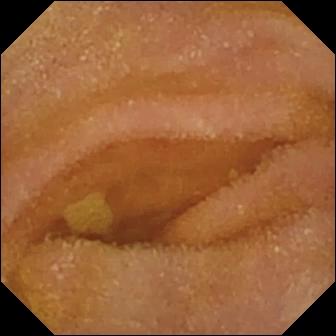Video capsule endoscopy — normal clean mucosa.